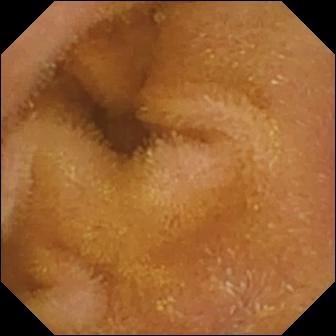- modality: wireless capsule endoscopy
- segment: small intestine
- impression: normal clean mucosa